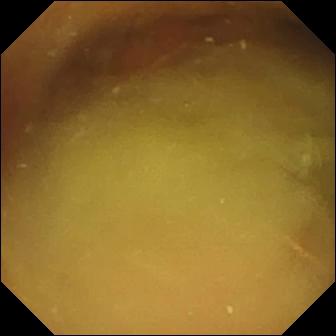- modality: capsule endoscopy
- impression: normal clean mucosa